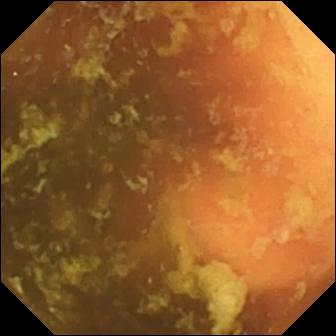PROCEDURE: Small-bowel capsule endoscopy.
POSITION: Ileo-cecal valve region.